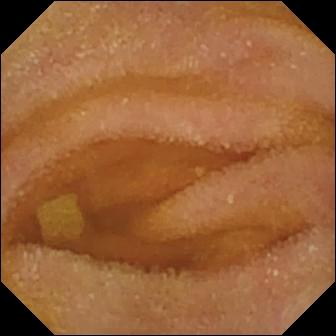{"modality": "VCE", "finding": "normal clean mucosa"}